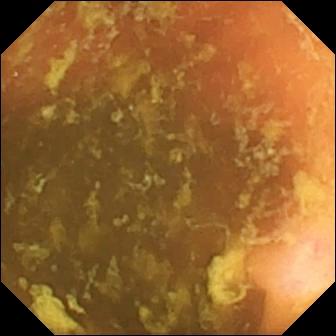modality: WCE; category: anatomical landmark; location: ileo-cecal valve region (the transition from the small bowel to the large bowel)